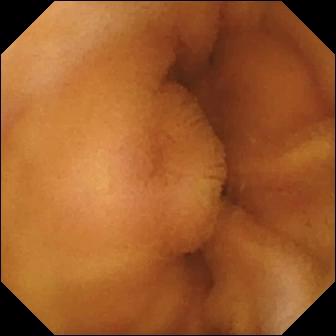Wireless capsule endoscopy image showing normal clean mucosa.